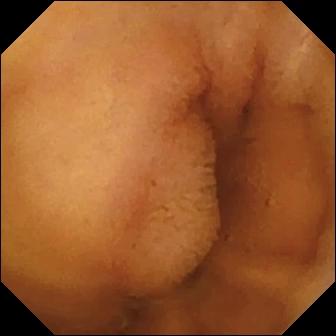This wireless capsule endoscopy snapshot shows normal clean mucosa.